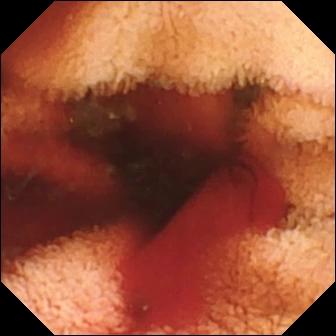modality: WCE
finding: fresh blood in the lumen